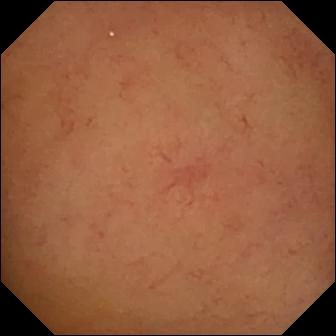modality: capsule endoscopy; observation: normal clean mucosa